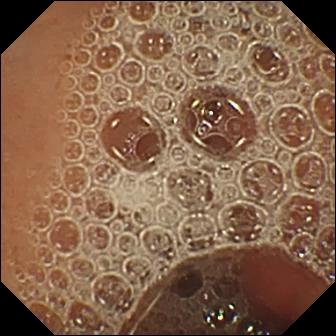- modality: video capsule endoscopy
- finding: normal clean mucosa